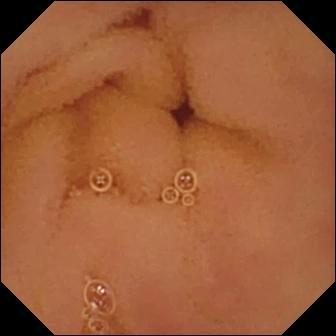Video capsule endoscopy image (small intestine), 336×336. Normal clean mucosa.